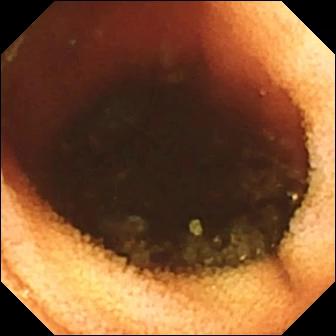Q: Where in the digestive tract was this small-bowel capsule endoscopy snapshot taken?
A: Ileo-cecal valve region.